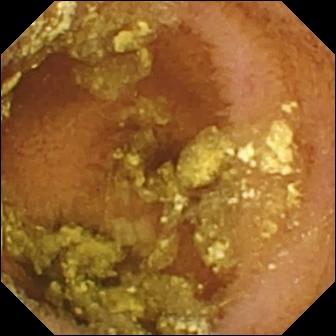Q: What does this small-bowel capsule endoscopy view show?
A: Normal clean mucosa.